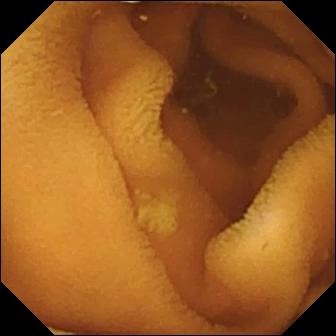Wireless capsule endoscopy. Small bowel. Observation: normal clean mucosa.